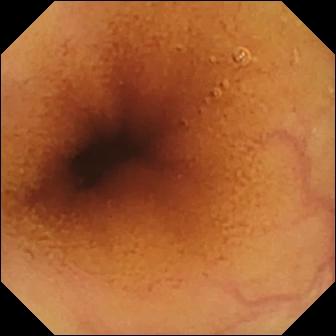- modality: WCE
- segment: small bowel
- category: luminal finding
- impression: normal clean mucosa